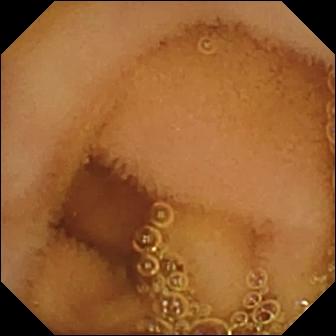This WCE still of the small intestine shows normal clean mucosa.